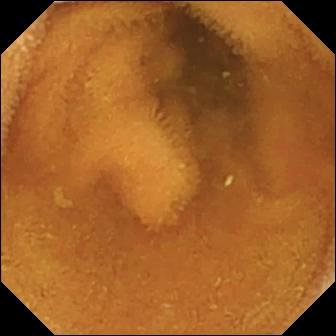- modality: capsule endoscopy
- segment: small intestine
- finding: normal clean mucosa